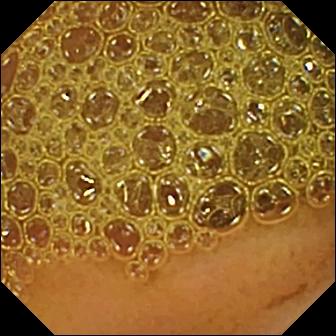This WCE view of the small bowel shows reduced mucosal view (content or bubbles obscuring the mucosa).